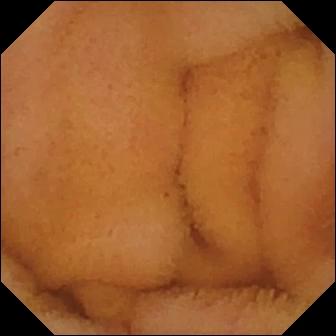This video capsule endoscopy snapshot shows normal clean mucosa.